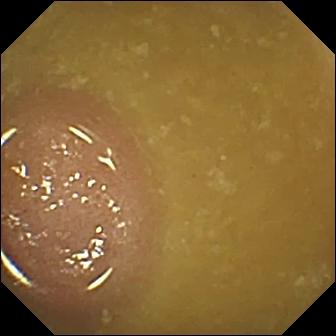WCE still taken in the ileo-cecal valve region.